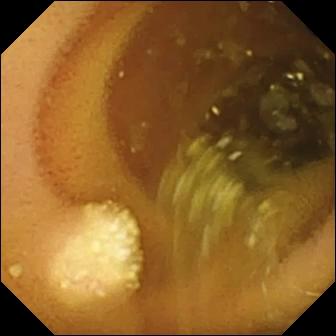modality: capsule endoscopy
finding: lymphangiectasia